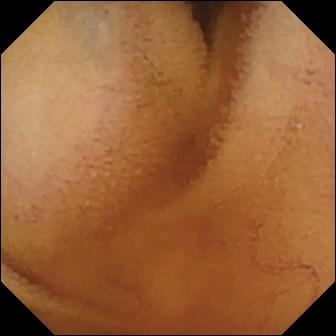- modality: VCE
- segment: small intestine
- finding: normal clean mucosa